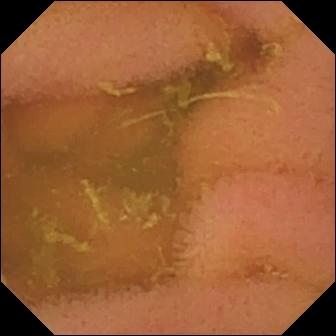Wireless capsule endoscopy — normal clean mucosa.